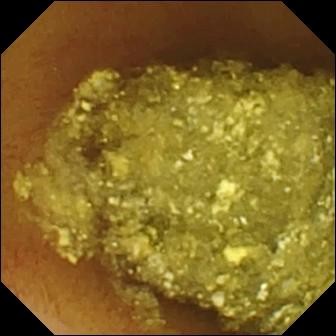Video capsule endoscopy image showing normal clean mucosa.